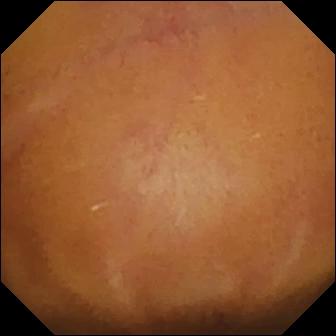{"modality": "capsule endoscopy", "segment": "small intestine", "finding": "normal clean mucosa"}